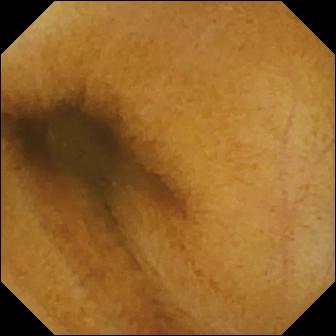VCE still of the small intestine showing normal clean mucosa.